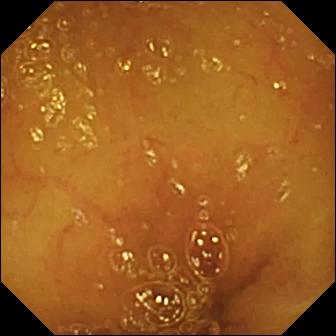{"modality": "capsule endoscopy", "category": "luminal finding", "finding": "normal clean mucosa"}